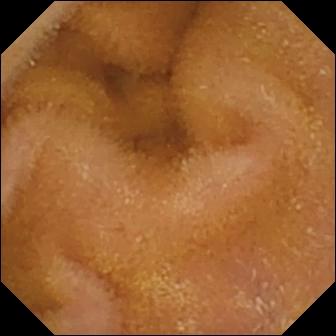- modality: video capsule endoscopy
- finding: normal clean mucosa